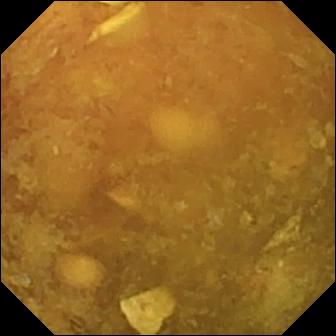Video capsule endoscopy. Impression: reduced mucosal view (content or bubbles obscuring the mucosa).